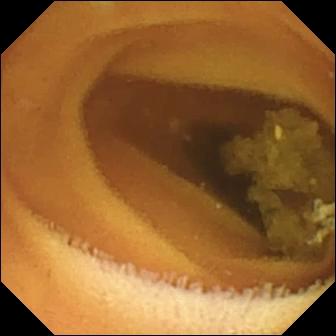Q: What does this video capsule endoscopy image of the small intestine show?
A: Normal clean mucosa.